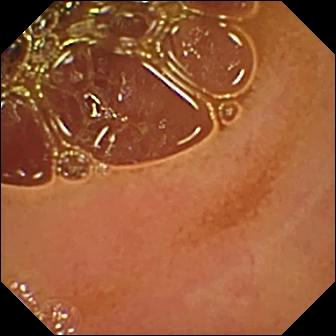modality: WCE
segment: small bowel
impression: normal clean mucosa